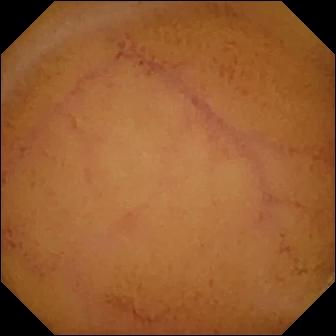PROCEDURE: Video capsule endoscopy.
SEGMENT: Small bowel.
FINDINGS: Normal clean mucosa.